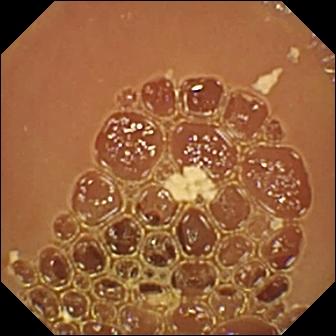Q: What does this video capsule endoscopy snapshot of the small intestine show?
A: Normal clean mucosa.